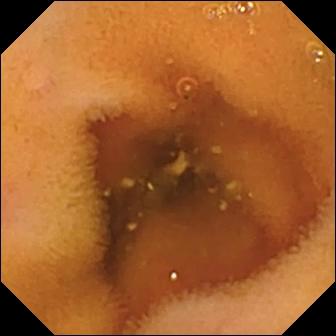Wireless capsule endoscopy view. Normal clean mucosa.